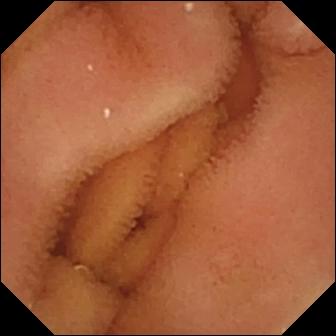VCE still, small bowel
Finding: normal clean mucosa